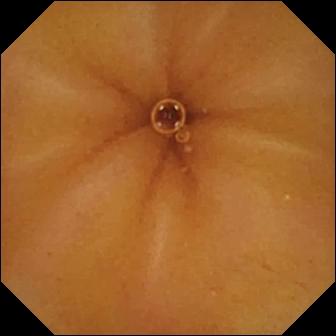PROCEDURE: WCE.
SEGMENT: Small bowel.
FINDINGS: Normal clean mucosa.